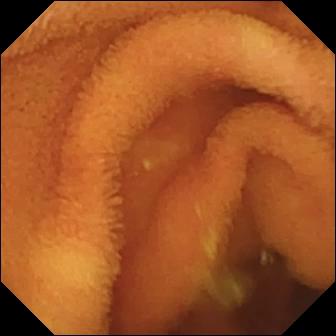PROCEDURE: Capsule endoscopy.
FINDINGS: Normal clean mucosa.